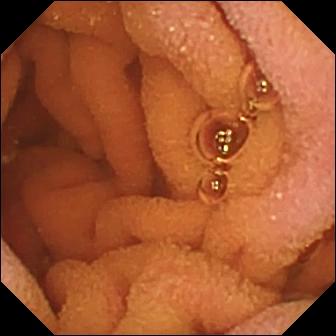WCE snapshot showing normal clean mucosa.